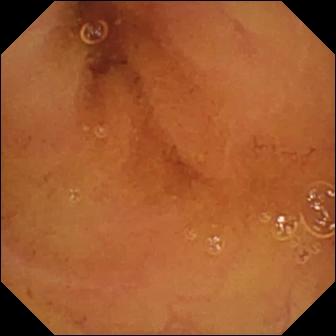VCE — normal clean mucosa.